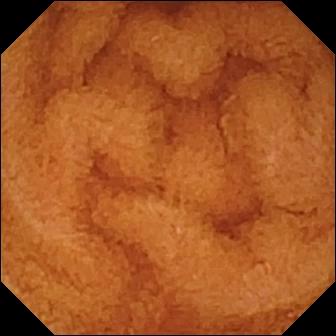{"modality": "VCE", "finding": "normal clean mucosa"}